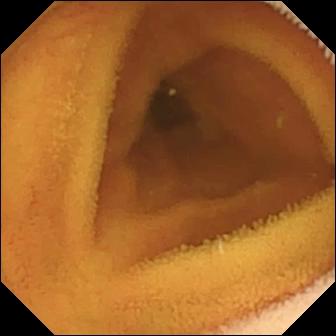- modality: VCE
- label: normal clean mucosa